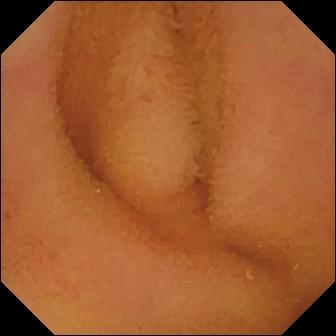This small-bowel capsule endoscopy view shows normal clean mucosa.